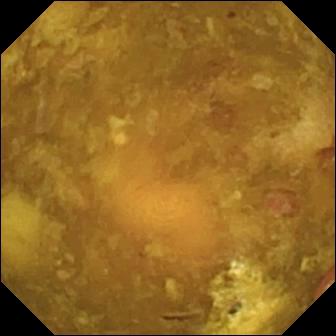Capsule endoscopy image (small bowel). Reduced mucosal view (content or bubbles obscuring the mucosa).